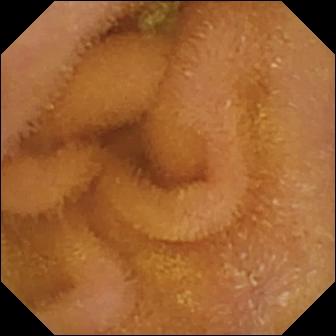VCE. Impression: normal clean mucosa.